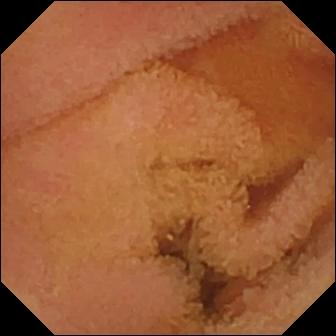{"modality": "small-bowel capsule endoscopy", "finding": "normal clean mucosa"}